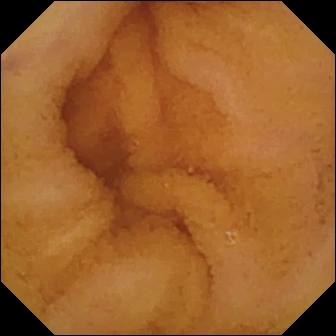Normal clean mucosa — small-bowel capsule endoscopy still.